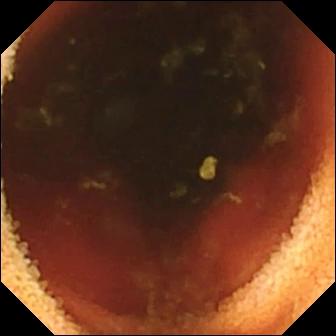Q: Where in the digestive tract was this VCE still taken?
A: Ileo-cecal valve region.